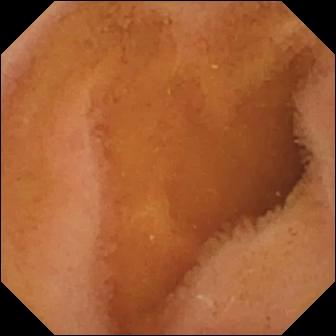Wireless capsule endoscopy view
Impression: normal clean mucosa